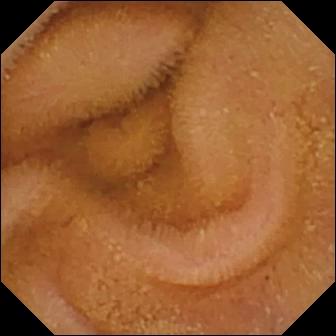- modality: capsule endoscopy
- observation: normal clean mucosa